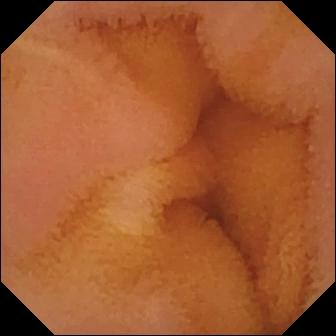{"modality": "capsule endoscopy", "category": "luminal finding", "finding": "normal clean mucosa"}